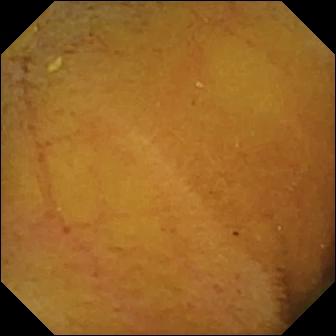Capsule endoscopy image of the small bowel showing normal clean mucosa.